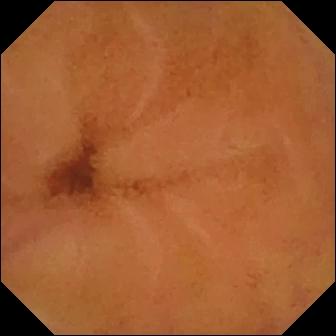modality: VCE; observation: normal clean mucosa